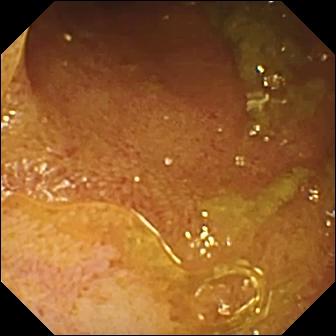modality: video capsule endoscopy; position: ileo-cecal valve region (the transition from the small bowel to the large bowel)